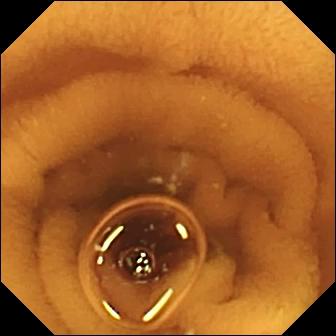modality: WCE; segment: small intestine; label: normal clean mucosa